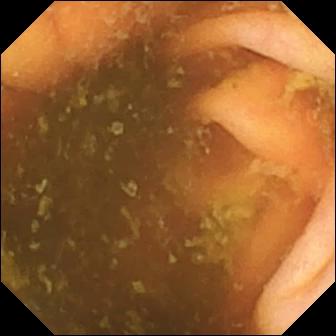Wireless capsule endoscopy frame
Position: ileo-cecal valve region